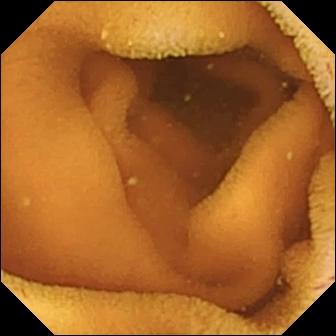Normal clean mucosa — VCE still of the small bowel.